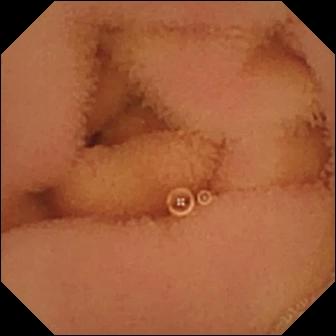Normal clean mucosa.